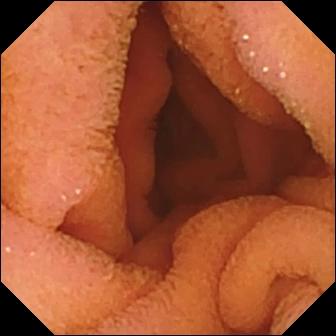PROCEDURE: Capsule endoscopy.
FINDINGS: Normal clean mucosa.